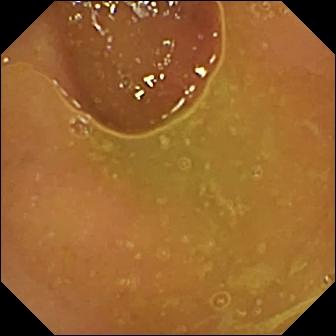PROCEDURE: WCE.
SEGMENT: Small bowel.
FINDINGS: Normal clean mucosa.